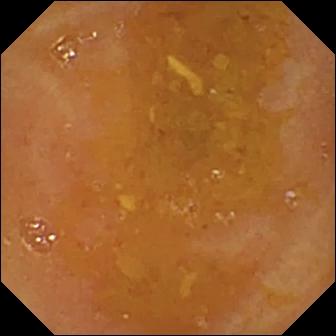Capsule endoscopy — reduced mucosal view (content or bubbles obscuring the mucosa).